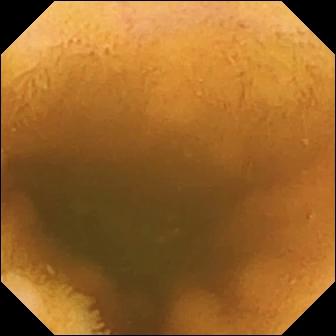VCE frame of the small bowel showing normal clean mucosa.